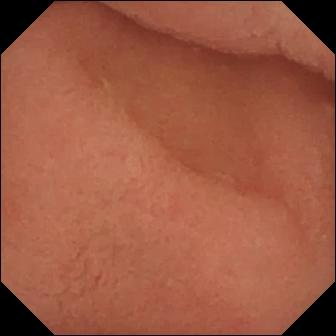modality: VCE | label: pylorus region (where the capsule passes from the stomach into the small bowel)